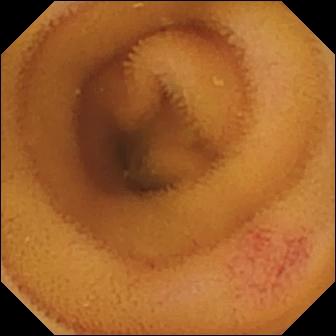Video capsule endoscopy — angiectasia.